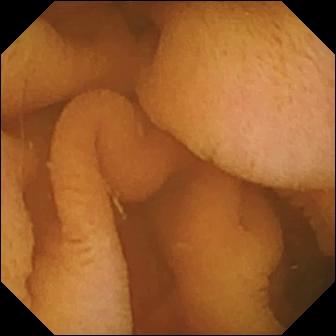Video capsule endoscopy. Luminal finding. Label: normal clean mucosa.